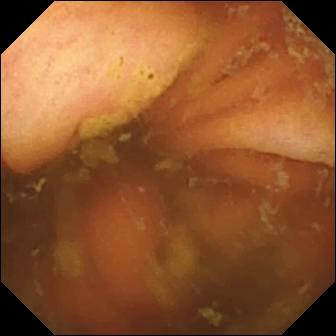VCE view taken in the ileo-cecal valve region (where the capsule passes from the small bowel into the large bowel).